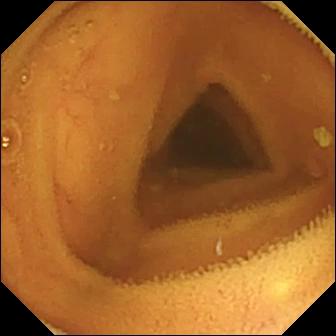{"modality": "small-bowel capsule endoscopy", "finding": "normal clean mucosa"}